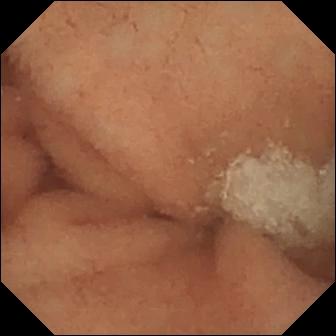Normal clean mucosa.